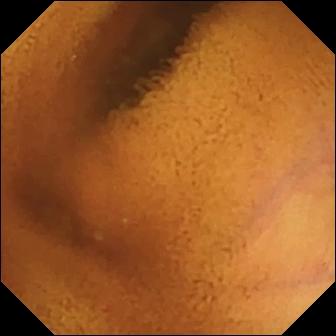Wireless capsule endoscopy. Impression: normal clean mucosa.